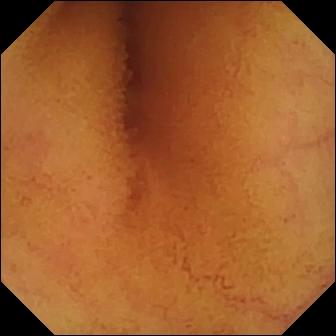Video capsule endoscopy snapshot of the small bowel showing normal clean mucosa.